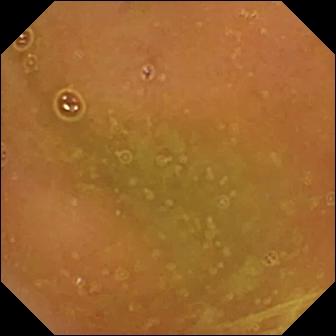{"modality": "VCE", "segment": "small intestine", "finding": "normal clean mucosa"}